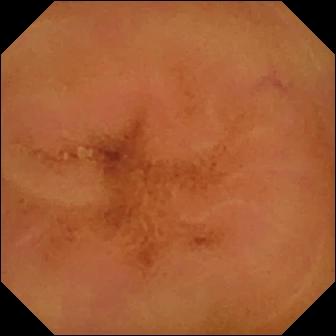Capsule endoscopy snapshot
Impression: normal clean mucosa